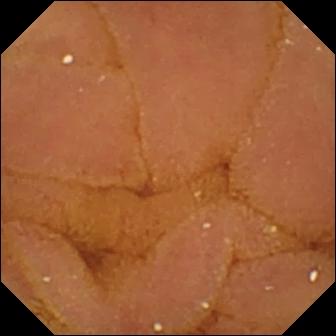Wireless capsule endoscopy snapshot (small bowel), 336×336. Normal clean mucosa.